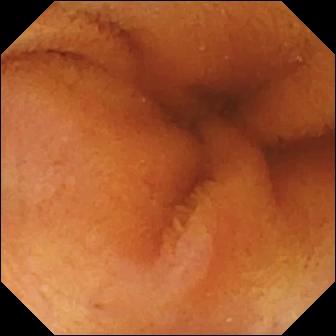- modality: WCE
- segment: small intestine
- finding: normal clean mucosa